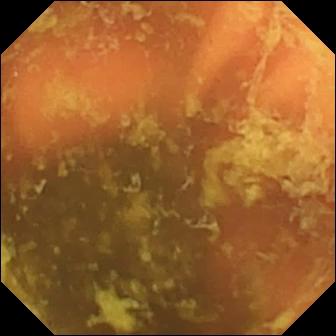PROCEDURE: WCE.
VIDEO SEGMENT: Ileo-cecal valve region.